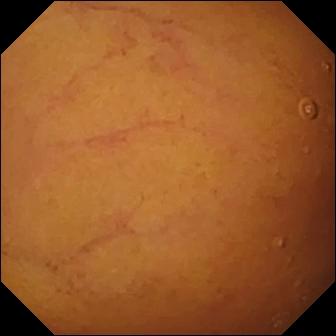- modality: video capsule endoscopy
- observation: normal clean mucosa